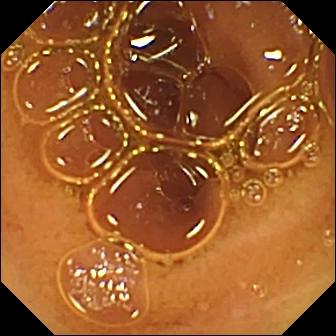PROCEDURE: VCE.
SEGMENT: Small intestine.
FINDINGS: Normal clean mucosa.